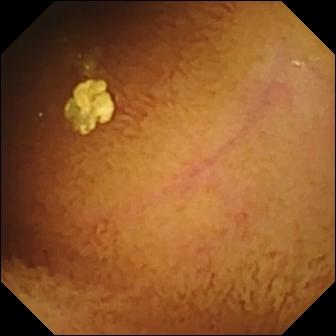- modality: small-bowel capsule endoscopy
- observation: normal clean mucosa